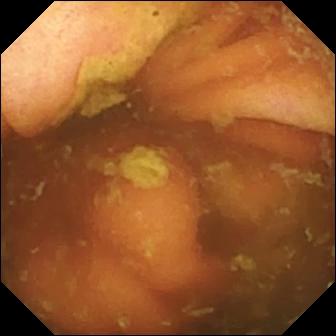VCE — ileo-cecal valve region.